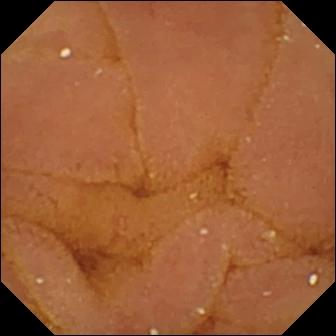{"modality": "video capsule endoscopy", "segment": "small bowel", "category": "luminal finding", "finding": "normal clean mucosa"}